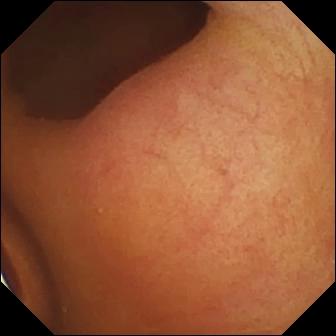WCE. Luminal finding. Observation: foreign body (e.g. retained capsule, tablet residue).